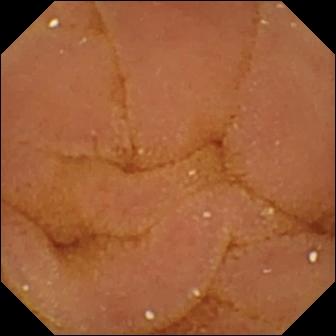Q: What does this video capsule endoscopy frame of the small bowel show?
A: Normal clean mucosa.